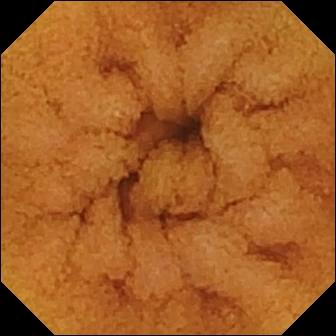Small-bowel capsule endoscopy image showing normal clean mucosa.